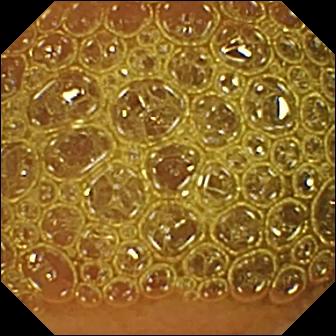{"modality": "WCE", "finding": "reduced mucosal view (content or bubbles obscuring the mucosa)"}